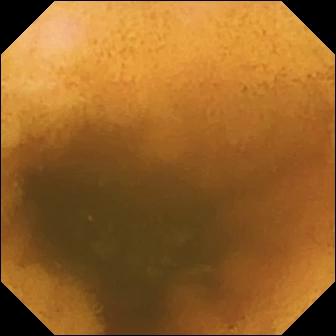modality: VCE
segment: small bowel
label: normal clean mucosa